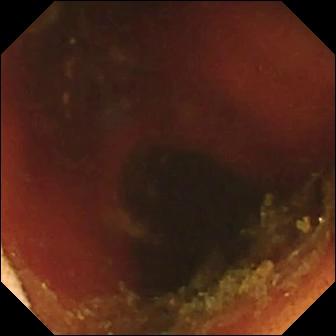Wireless capsule endoscopy view
Video segment: ileo-cecal valve region (where the capsule passes from the small bowel into the large bowel)